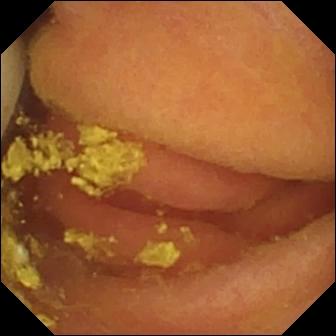Foreign body (e.g. retained capsule, tablet residue) — wireless capsule endoscopy frame.